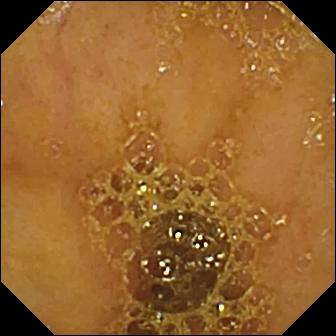Wireless capsule endoscopy frame
Label: ileo-cecal valve region (the transition from the small bowel to the large bowel)